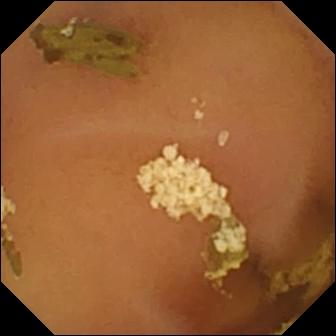modality: wireless capsule endoscopy | segment: small intestine | observation: normal clean mucosa